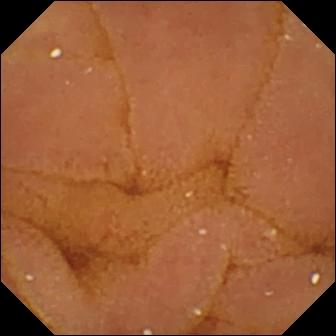PROCEDURE: Small-bowel capsule endoscopy.
SEGMENT: Small intestine.
FINDINGS: Normal clean mucosa.